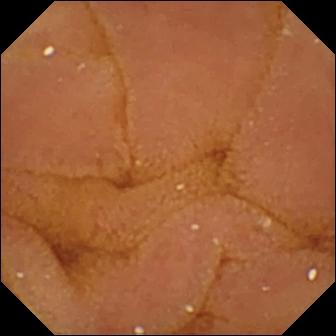PROCEDURE: VCE.
SEGMENT: Small intestine.
FINDINGS: Normal clean mucosa.